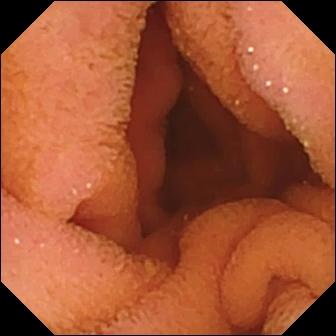- modality: video capsule endoscopy
- segment: small bowel
- impression: normal clean mucosa